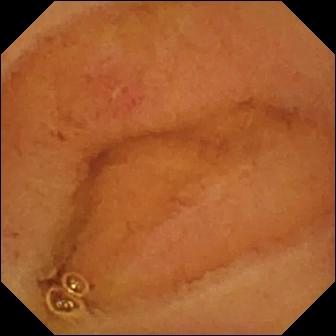PROCEDURE: Capsule endoscopy.
FINDINGS: Erosion.